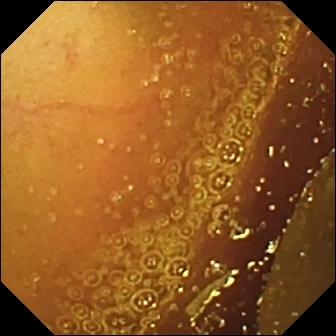Normal clean mucosa — wireless capsule endoscopy still of the small bowel.